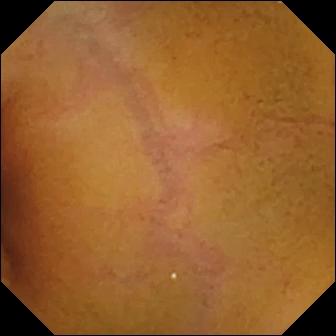Normal clean mucosa — capsule endoscopy snapshot of the small bowel.